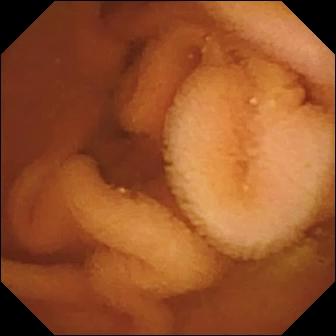Wireless capsule endoscopy snapshot showing normal clean mucosa.